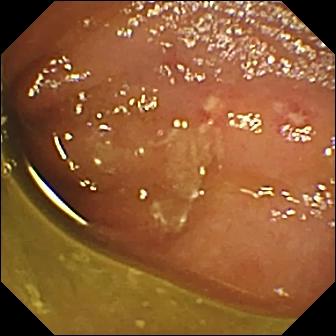PROCEDURE: VCE.
FINDINGS: Ulcer.